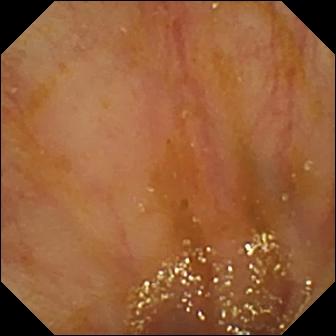{"modality": "WCE", "label": "ileo-cecal valve region (the transition from the small bowel to the large bowel)"}